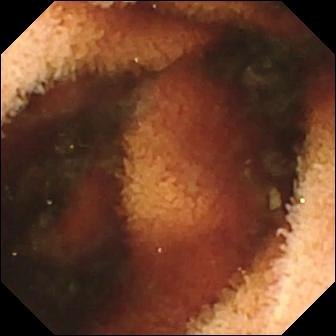Small-bowel capsule endoscopy still showing fresh blood in the lumen.